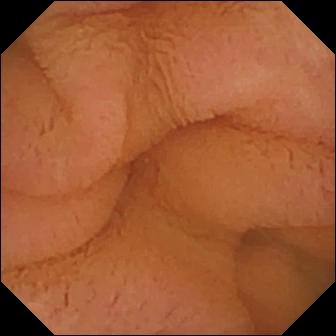Normal clean mucosa — VCE view of the small bowel.